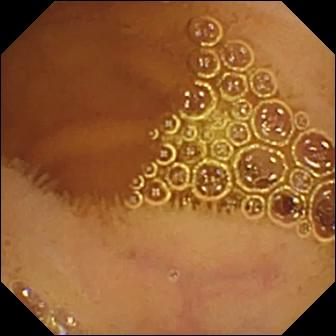Wireless capsule endoscopy — normal clean mucosa.